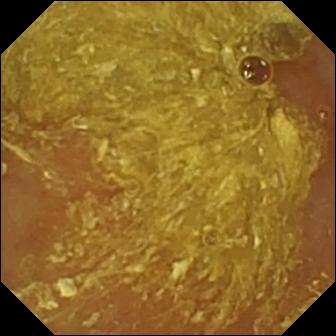Q: What does this small-bowel capsule endoscopy view show?
A: Reduced mucosal view (content or bubbles obscuring the mucosa).